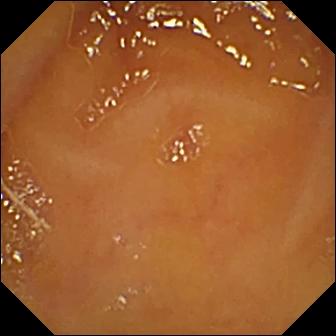Q: What does this wireless capsule endoscopy still show?
A: Normal clean mucosa.